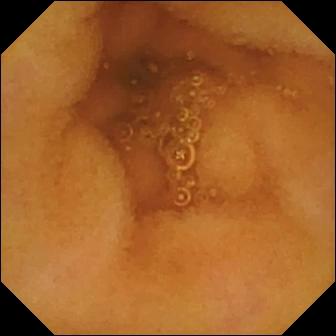- modality: capsule endoscopy
- segment: small intestine
- category: luminal finding
- finding: normal clean mucosa